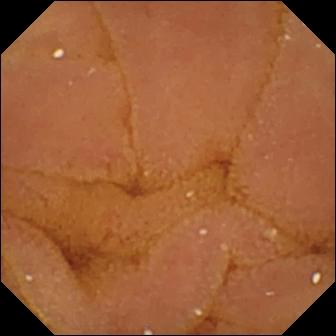Small-bowel capsule endoscopy still showing normal clean mucosa.